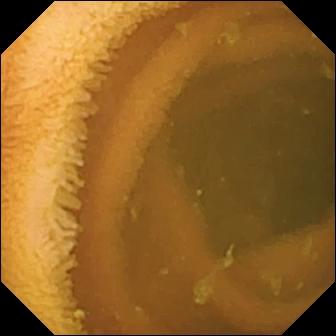- modality: small-bowel capsule endoscopy
- segment: small bowel
- observation: normal clean mucosa